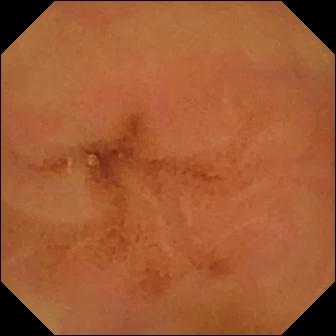{"modality": "VCE", "finding": "normal clean mucosa"}